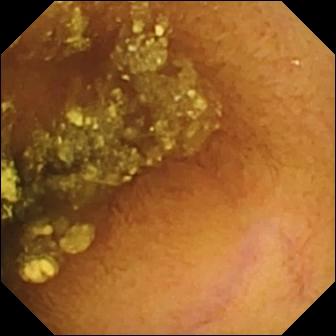{"modality": "WCE", "segment": "small bowel", "category": "luminal finding", "finding": "normal clean mucosa"}